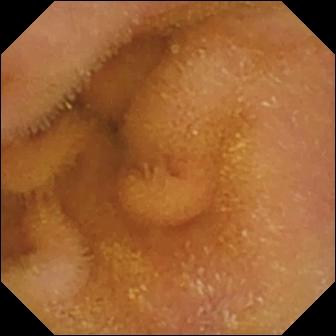Small-bowel capsule endoscopy frame of the small intestine showing normal clean mucosa.